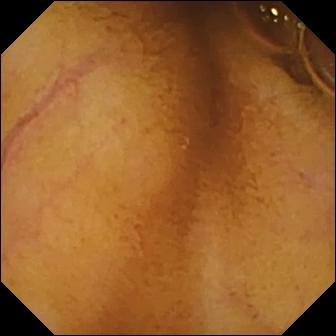Small-bowel capsule endoscopy. Label: normal clean mucosa.